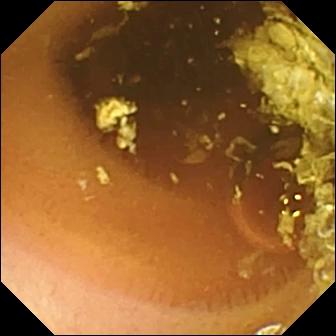PROCEDURE: Wireless capsule endoscopy.
FINDINGS: Normal clean mucosa.